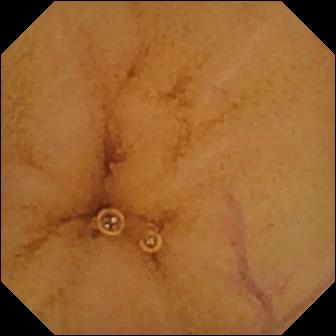PROCEDURE: WCE.
FINDINGS: Normal clean mucosa.